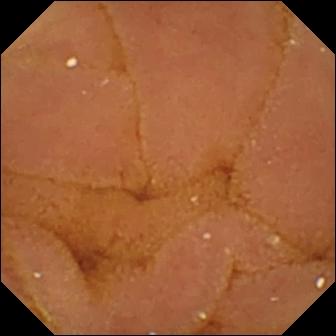This wireless capsule endoscopy snapshot of the small bowel shows normal clean mucosa.